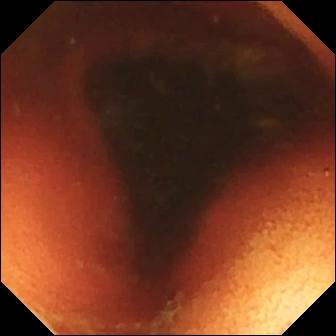Capsule endoscopy snapshot
Video segment: ileo-cecal valve region (where the capsule passes from the small bowel into the large bowel)